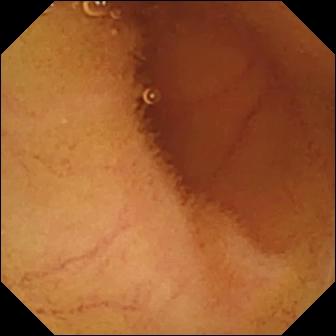- modality: video capsule endoscopy
- impression: normal clean mucosa